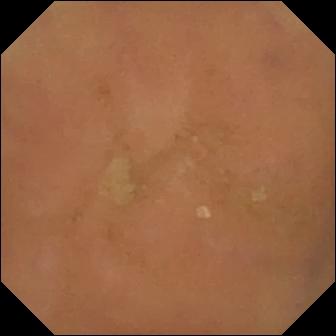Small-bowel capsule endoscopy frame showing normal clean mucosa.